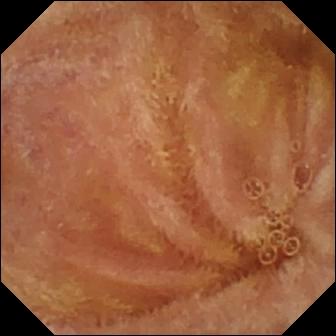Capsule endoscopy — normal clean mucosa.